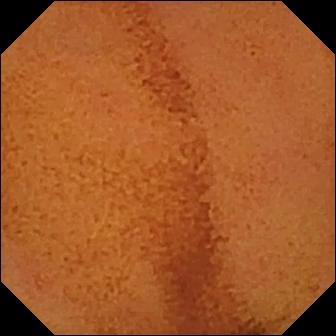Q: What does this capsule endoscopy image show?
A: Normal clean mucosa.